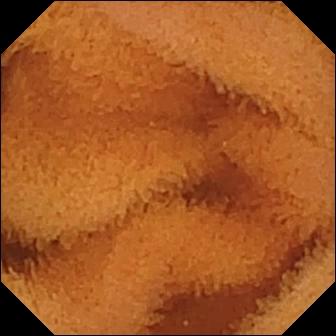{"modality": "wireless capsule endoscopy", "finding": "normal clean mucosa"}